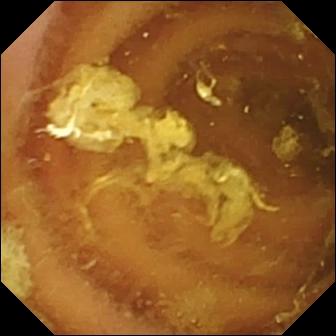modality: capsule endoscopy | segment: small bowel | category: luminal finding | finding: normal clean mucosa